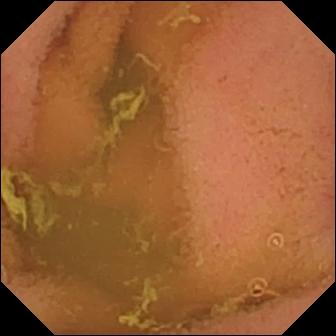Normal clean mucosa — wireless capsule endoscopy view of the small bowel.